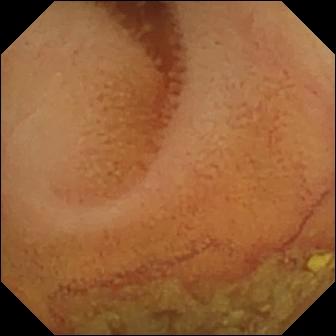- modality: VCE
- segment: small intestine
- label: normal clean mucosa